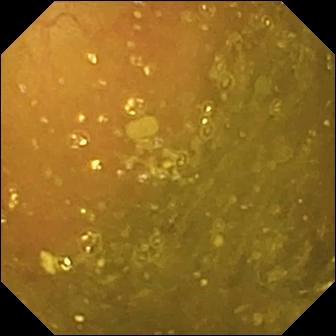PROCEDURE: VCE.
LOCATION: Ileo-cecal valve region.